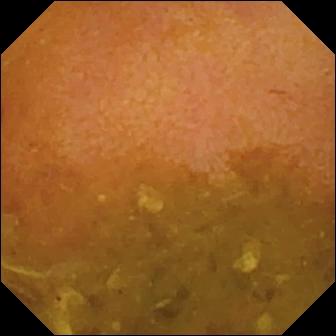Reduced mucosal view (content or bubbles obscuring the mucosa) (336×336).